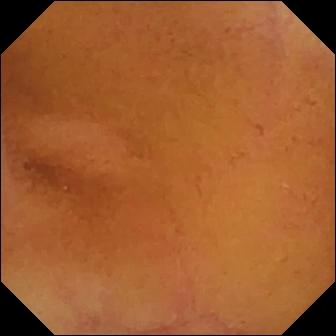Small-bowel capsule endoscopy frame (small bowel). Normal clean mucosa.